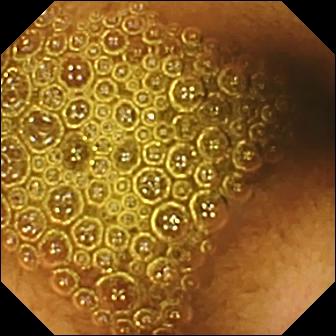Reduced mucosal view (content or bubbles obscuring the mucosa) — video capsule endoscopy view of the small bowel.